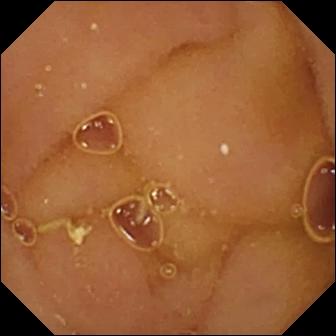modality: VCE; segment: small intestine; impression: normal clean mucosa